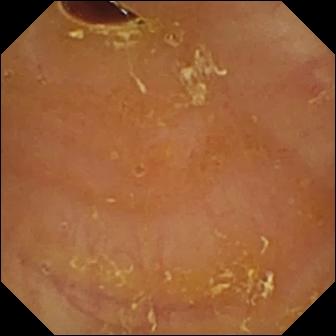- modality: wireless capsule endoscopy
- category: luminal finding
- finding: reduced mucosal view (content or bubbles obscuring the mucosa)